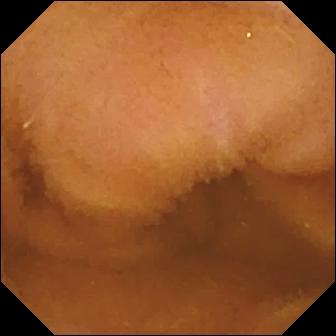Wireless capsule endoscopy snapshot, small bowel
Label: normal clean mucosa